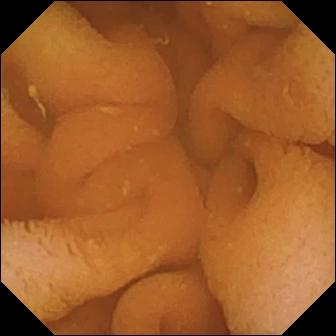PROCEDURE: Capsule endoscopy.
SEGMENT: Small intestine.
FINDINGS: Normal clean mucosa.